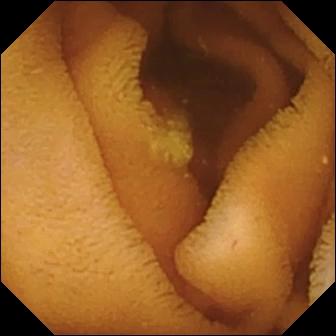Q: What does this video capsule endoscopy image of the small intestine show?
A: Normal clean mucosa.